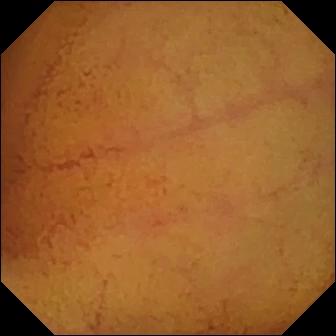Video capsule endoscopy. Impression: normal clean mucosa.